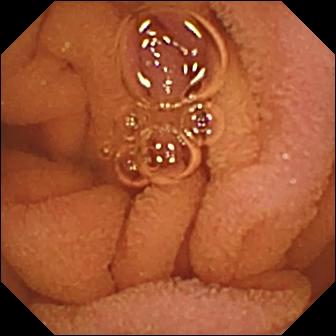PROCEDURE: Wireless capsule endoscopy.
SEGMENT: Small bowel.
FINDINGS: Normal clean mucosa.